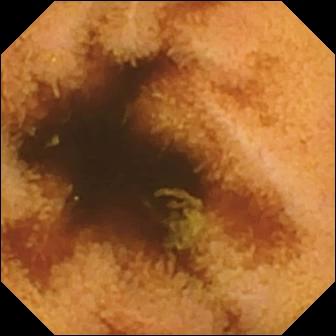PROCEDURE: Small-bowel capsule endoscopy.
SEGMENT: Small intestine.
FINDINGS: Normal clean mucosa.